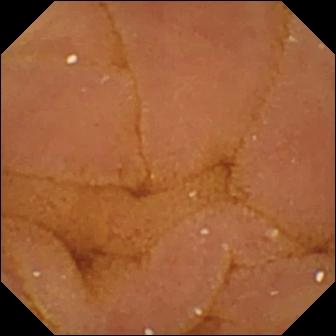modality: VCE
segment: small bowel
impression: normal clean mucosa